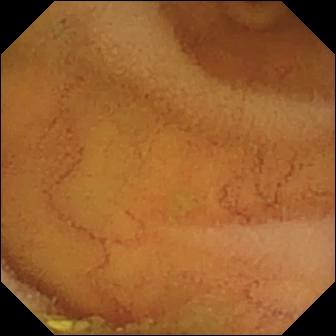Normal clean mucosa — small-bowel capsule endoscopy snapshot.